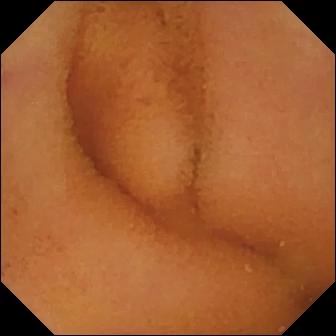Video capsule endoscopy. Luminal finding. Label: normal clean mucosa.